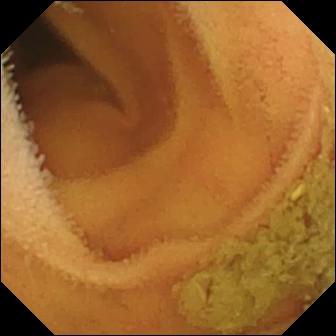VCE. Small intestine. Impression: normal clean mucosa.